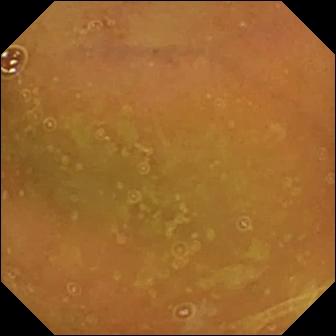This video capsule endoscopy view shows normal clean mucosa.